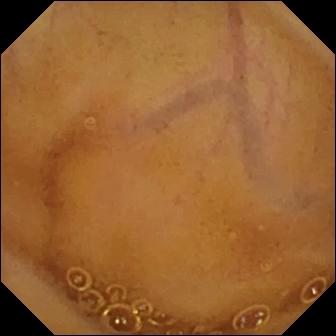This small-bowel capsule endoscopy frame shows normal clean mucosa.